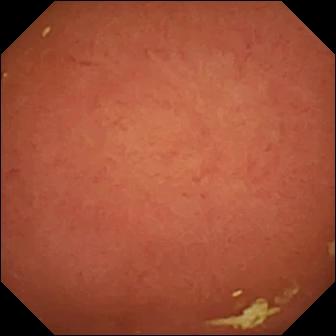Video capsule endoscopy — pylorus region (where the capsule passes from the stomach into the small bowel).